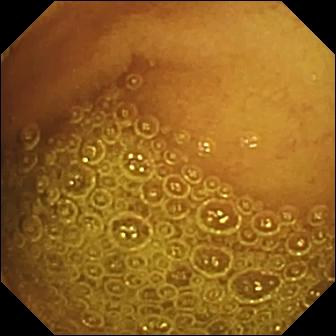This WCE image of the small bowel shows normal clean mucosa.